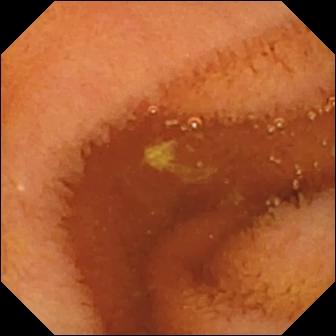Normal clean mucosa (336×336).